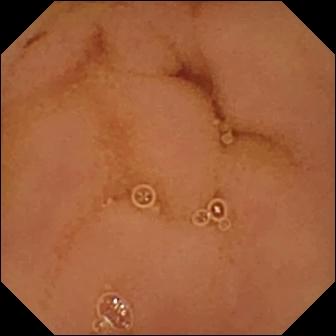Wireless capsule endoscopy frame of the small intestine showing normal clean mucosa.